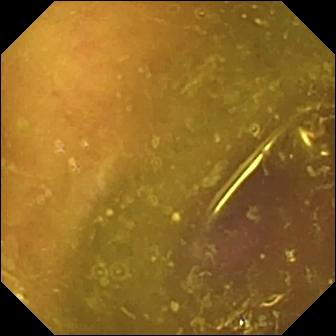Q: What does this WCE snapshot show?
A: Reduced mucosal view (content or bubbles obscuring the mucosa).